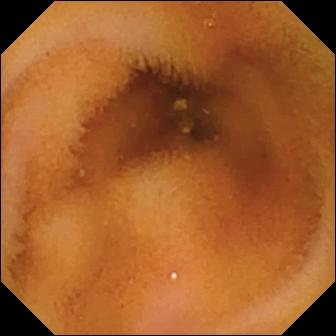modality: VCE | impression: normal clean mucosa